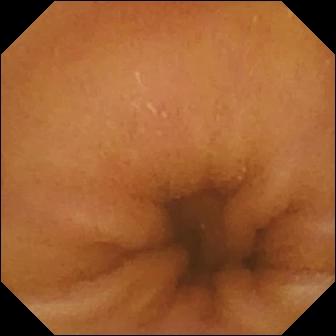modality: video capsule endoscopy | segment: small bowel | label: normal clean mucosa